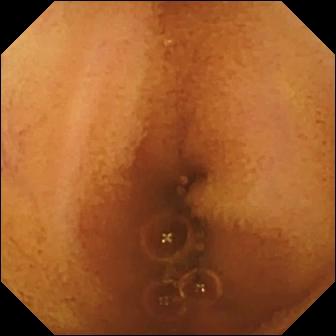modality: small-bowel capsule endoscopy; segment: small intestine; observation: normal clean mucosa